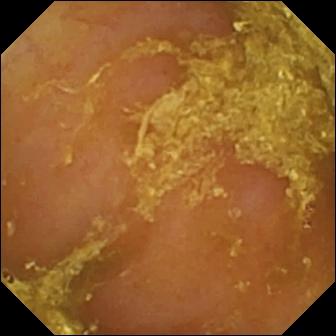VCE snapshot, small bowel
Label: reduced mucosal view (content or bubbles obscuring the mucosa)